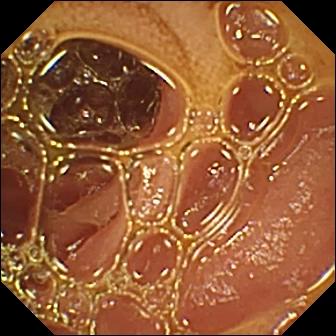Q: What does this video capsule endoscopy still show?
A: Normal clean mucosa.